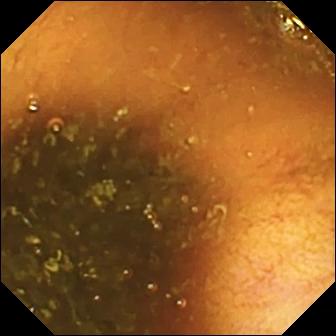{"modality": "video capsule endoscopy", "position": "ileo-cecal valve region (the transition from the small bowel to the large bowel)"}